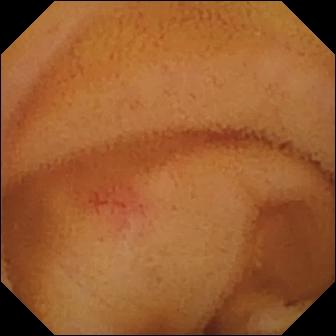Small-bowel capsule endoscopy. Luminal finding. Impression: angiectasia.